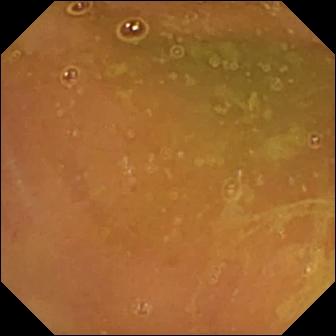Q: What does this VCE image of the small intestine show?
A: Normal clean mucosa.